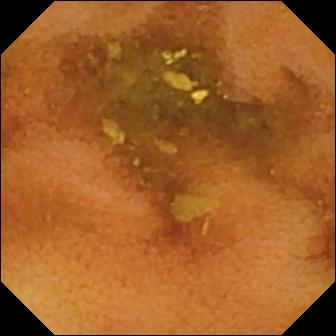Normal clean mucosa.